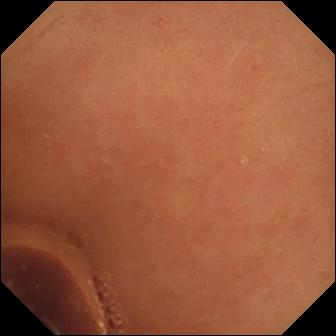modality: small-bowel capsule endoscopy
category: luminal finding
label: normal clean mucosa